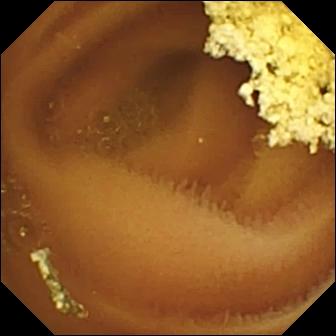WCE — normal clean mucosa.